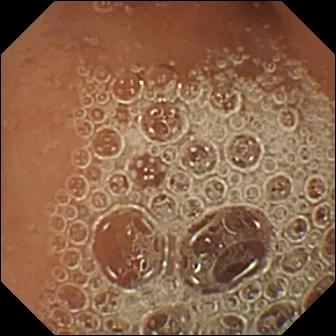Q: What does this VCE snapshot show?
A: Normal clean mucosa.